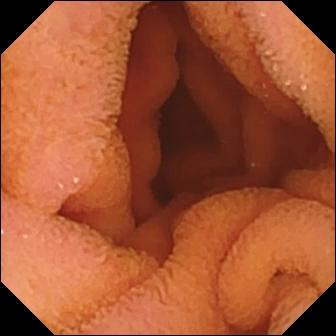{"modality": "small-bowel capsule endoscopy", "finding": "normal clean mucosa"}